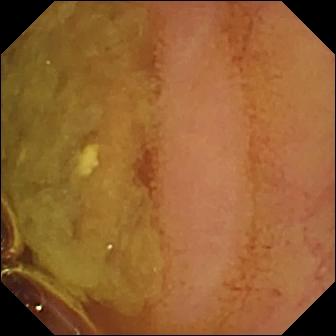Capsule endoscopy image showing normal clean mucosa.